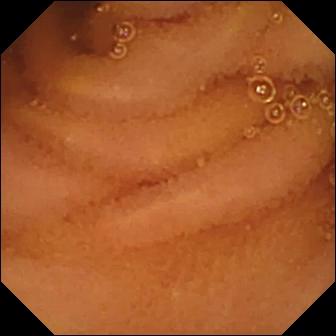Q: What does this video capsule endoscopy image of the small intestine show?
A: Normal clean mucosa.